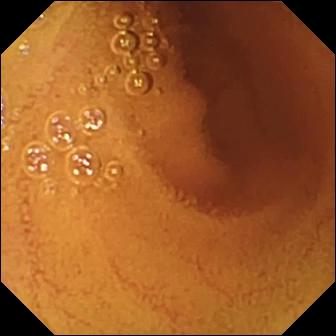- modality: video capsule endoscopy
- segment: small bowel
- category: luminal finding
- label: normal clean mucosa